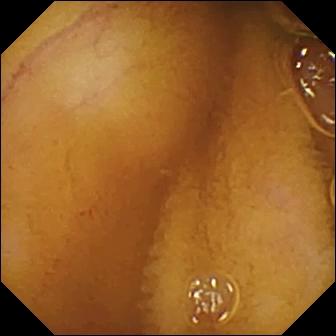modality: wireless capsule endoscopy
segment: small intestine
impression: normal clean mucosa